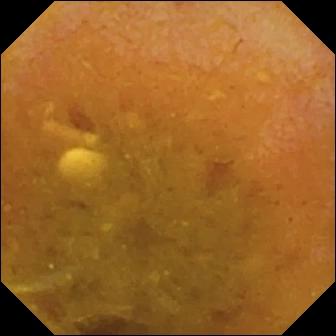This wireless capsule endoscopy still shows reduced mucosal view (content or bubbles obscuring the mucosa).